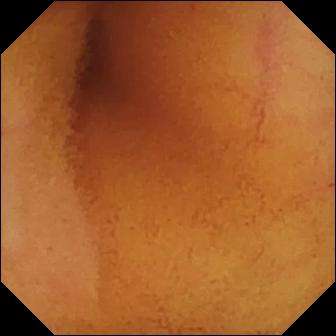This VCE still shows normal clean mucosa.